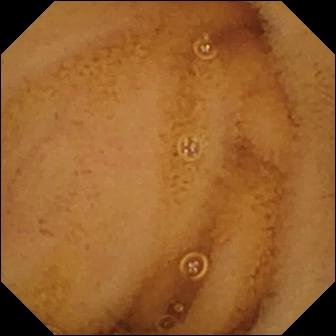modality: small-bowel capsule endoscopy
category: luminal finding
finding: normal clean mucosa